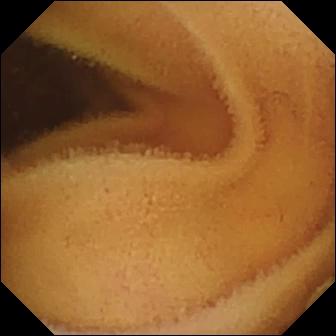- modality: video capsule endoscopy
- observation: normal clean mucosa